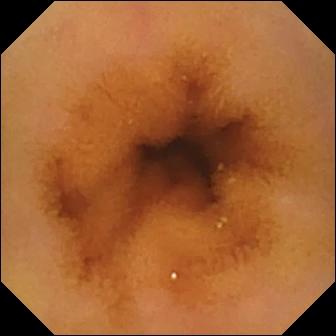VCE snapshot
Finding: normal clean mucosa